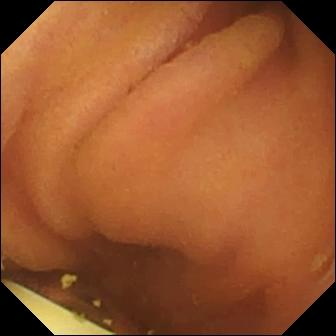Q: What does this WCE still show?
A: Foreign body (e.g. retained capsule, tablet residue).